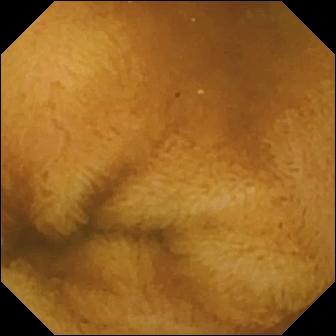Q: What does this WCE still show?
A: Normal clean mucosa.